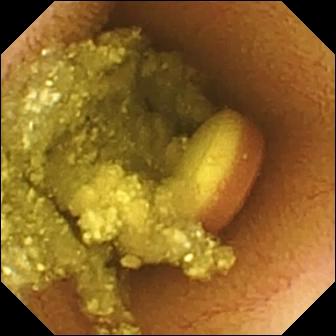{"modality": "capsule endoscopy", "finding": "foreign body (e.g. retained capsule, tablet residue)"}